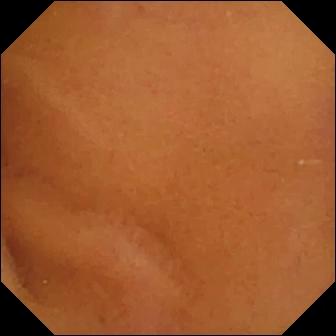{"modality": "wireless capsule endoscopy", "finding": "normal clean mucosa"}